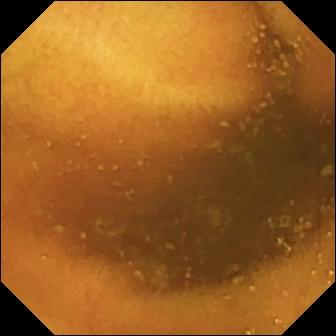WCE. Small intestine. Label: normal clean mucosa.